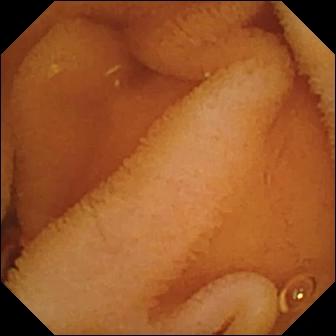- modality: VCE
- finding: normal clean mucosa